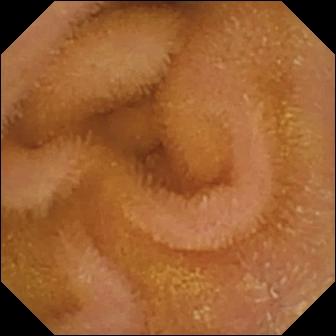PROCEDURE: WCE.
FINDINGS: Normal clean mucosa.